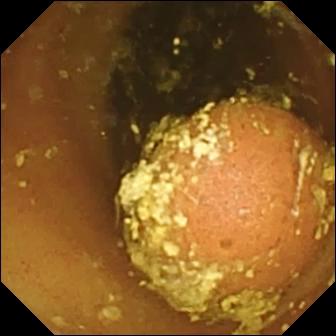PROCEDURE: Video capsule endoscopy.
FINDINGS: Foreign body (e.g. retained capsule, tablet residue).